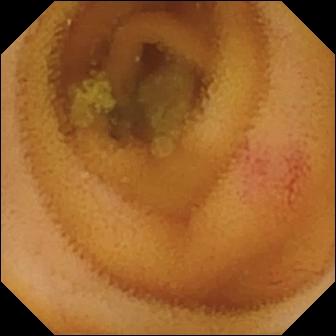Angiectasia — capsule endoscopy image.